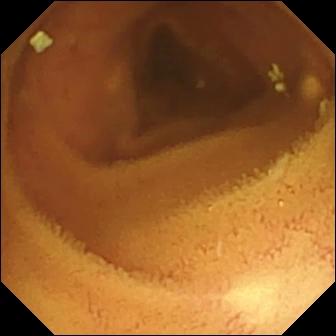WCE frame (small intestine). Normal clean mucosa.